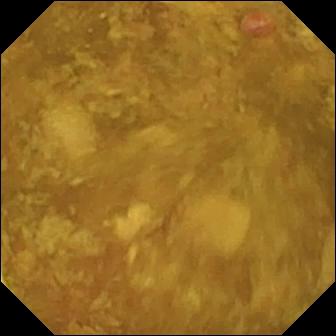Video capsule endoscopy still. Reduced mucosal view (content or bubbles obscuring the mucosa).